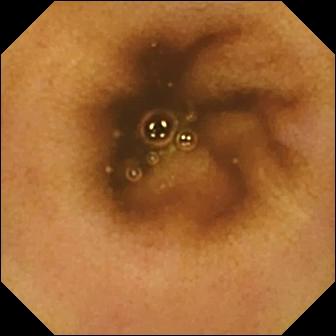WCE. Observation: normal clean mucosa.